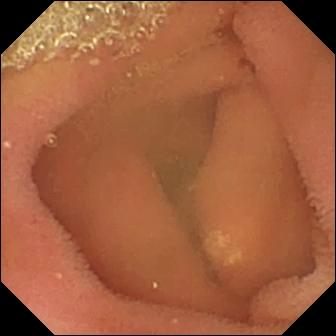Video capsule endoscopy — lymphangiectasia.